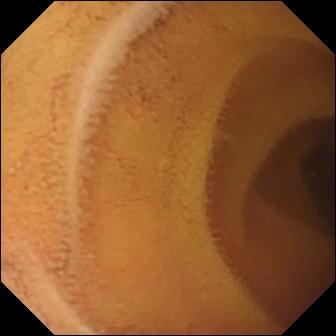This wireless capsule endoscopy still shows normal clean mucosa.